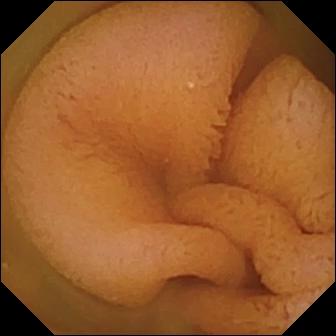- modality: WCE
- category: luminal finding
- impression: normal clean mucosa